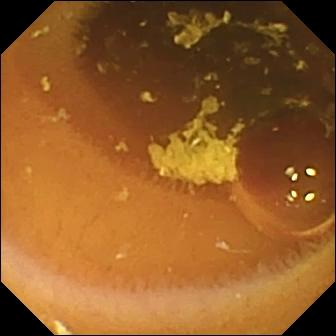VCE still (small bowel). Normal clean mucosa.